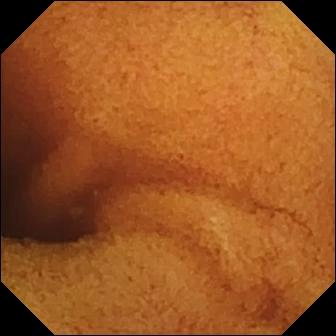VCE — normal clean mucosa.